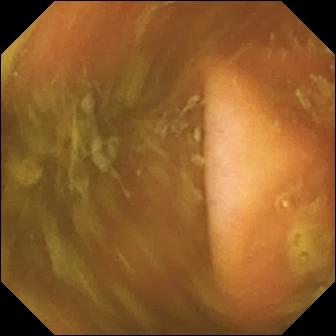Small-bowel capsule endoscopy snapshot
Video segment: ileo-cecal valve region (where the capsule passes from the small bowel into the large bowel)